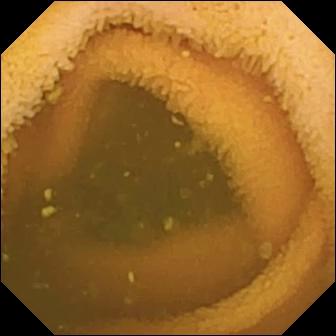modality: small-bowel capsule endoscopy | segment: small bowel | observation: normal clean mucosa